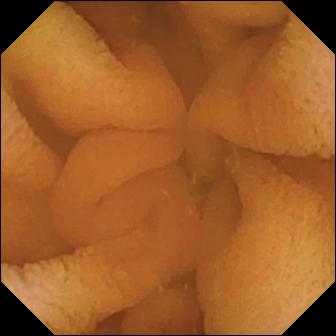Q: What does this capsule endoscopy image show?
A: Normal clean mucosa.